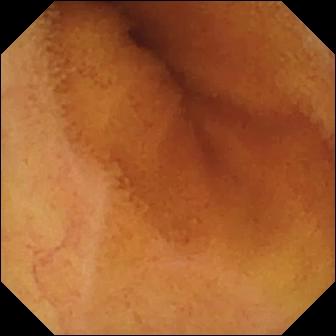PROCEDURE: Wireless capsule endoscopy.
SEGMENT: Small bowel.
FINDINGS: Normal clean mucosa.